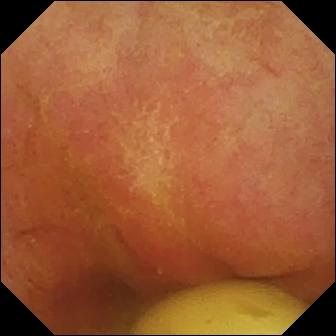Capsule endoscopy frame
Label: foreign body (e.g. retained capsule, tablet residue)